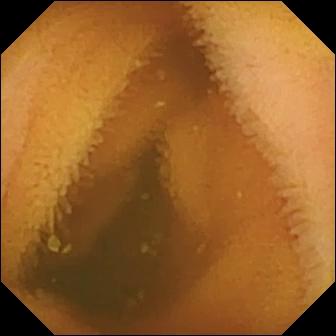VCE snapshot, small bowel
Label: normal clean mucosa